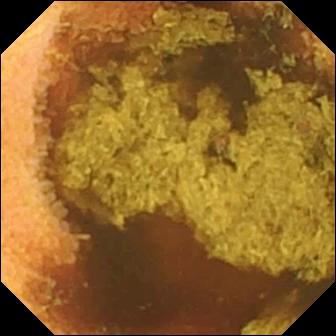Q: What does this video capsule endoscopy snapshot of the small bowel show?
A: Normal clean mucosa.